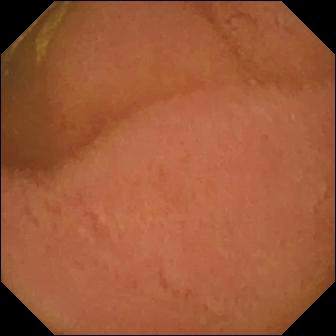- modality: small-bowel capsule endoscopy
- segment: small bowel
- category: luminal finding
- impression: normal clean mucosa